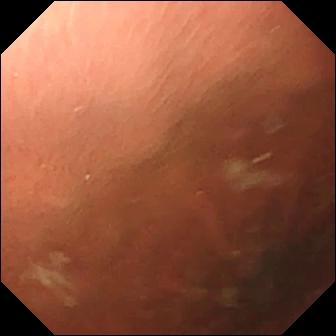VCE still taken in the pylorus region (where the capsule passes from the stomach into the small bowel).